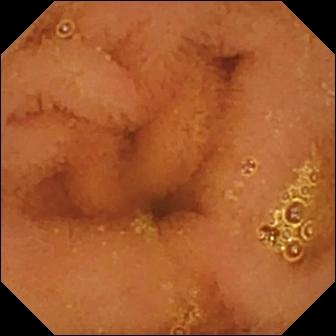Wireless capsule endoscopy frame
Observation: normal clean mucosa